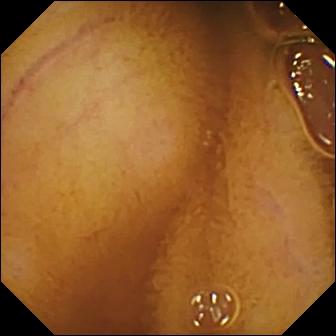modality: WCE; observation: normal clean mucosa